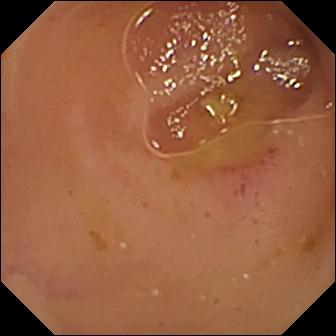modality: wireless capsule endoscopy; impression: erythema (mucosal redness)